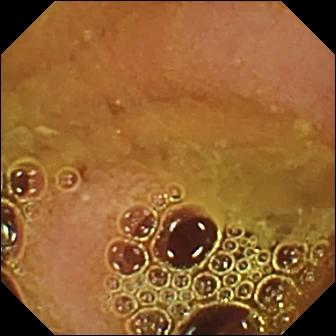VCE image, small intestine
Observation: normal clean mucosa